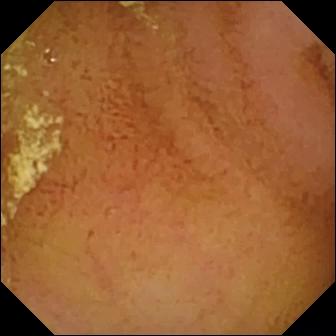Normal clean mucosa — WCE snapshot of the small bowel.